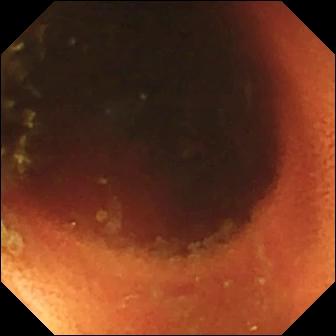This wireless capsule endoscopy frame was taken in the ileo-cecal valve region (where the capsule passes from the small bowel into the large bowel).